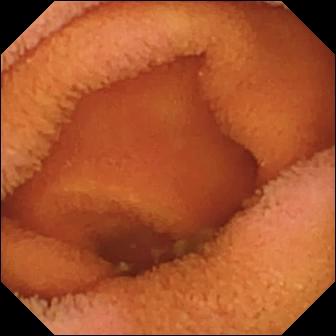Normal clean mucosa.